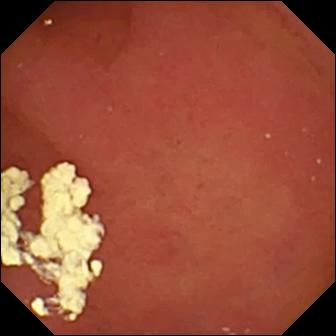PROCEDURE: Small-bowel capsule endoscopy.
POSITION: Pylorus region (the junction between the stomach and the small bowel).